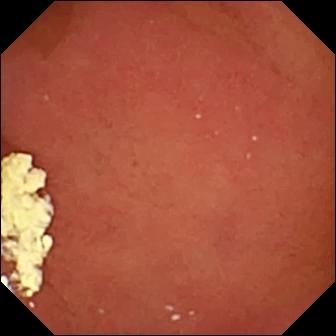Pylorus region (the junction between the stomach and the small bowel), 336×336.